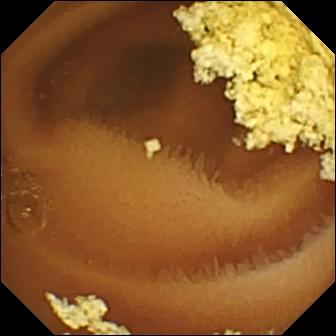Capsule endoscopy frame. Normal clean mucosa.